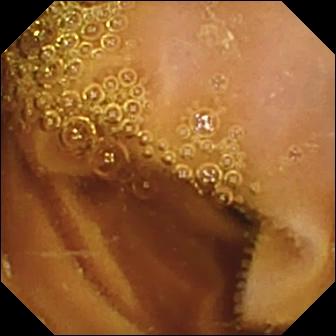PROCEDURE: Video capsule endoscopy.
FINDINGS: Normal clean mucosa.